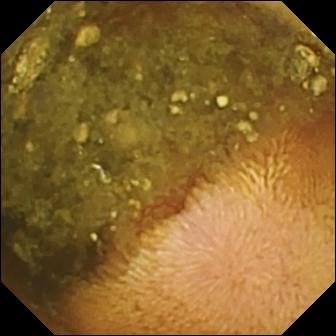PROCEDURE: Capsule endoscopy.
SEGMENT: Small intestine.
FINDINGS: Reduced mucosal view (content or bubbles obscuring the mucosa).